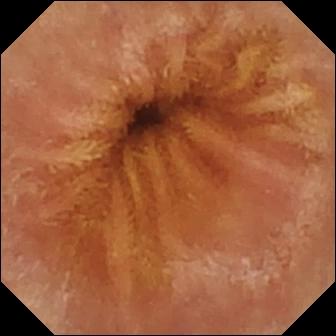Normal clean mucosa — wireless capsule endoscopy frame.